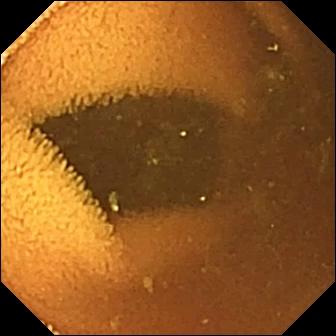- modality: small-bowel capsule endoscopy
- finding: normal clean mucosa